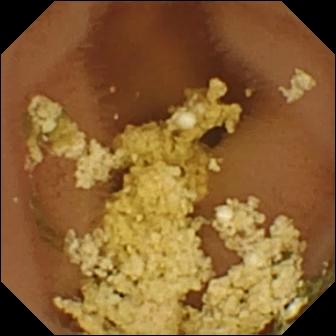VCE — normal clean mucosa.